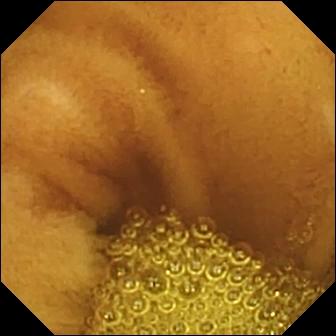{"modality": "WCE", "segment": "small intestine", "finding": "normal clean mucosa"}